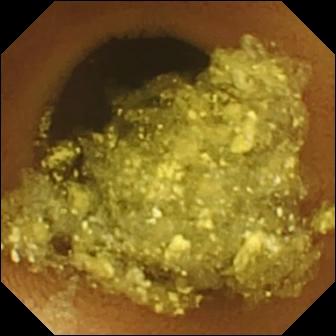Capsule endoscopy. Finding: normal clean mucosa.